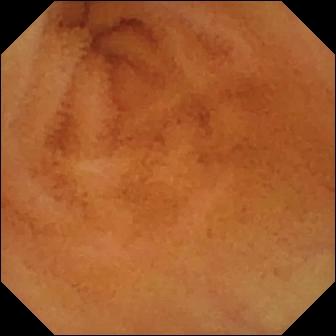This video capsule endoscopy still of the small intestine shows normal clean mucosa.